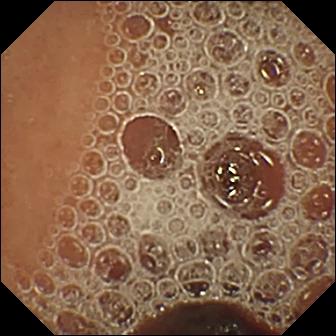Q: What does this small-bowel capsule endoscopy still show?
A: Normal clean mucosa.